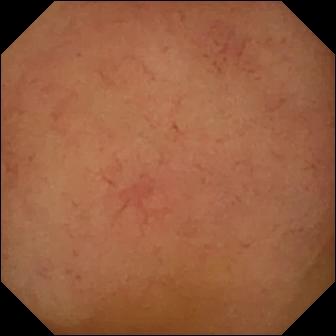Q: What does this VCE frame of the small bowel show?
A: Normal clean mucosa.